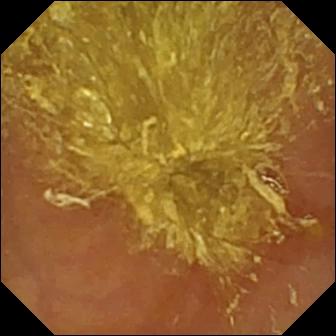VCE frame. Reduced mucosal view (content or bubbles obscuring the mucosa).